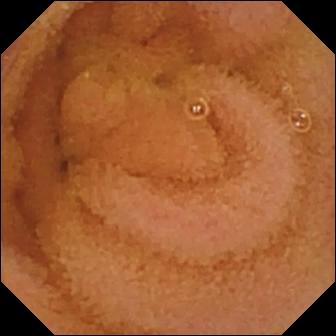Q: What does this wireless capsule endoscopy snapshot of the small intestine show?
A: Normal clean mucosa.